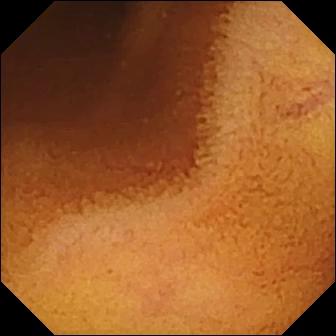PROCEDURE: VCE.
FINDINGS: Normal clean mucosa.